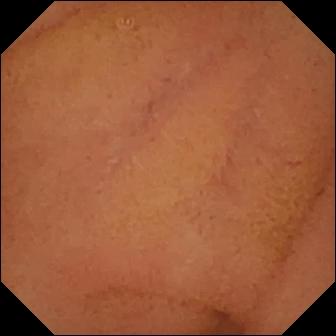{"modality": "video capsule endoscopy", "finding": "normal clean mucosa"}